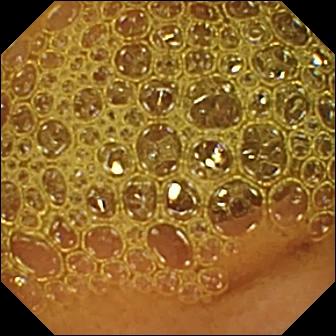{"modality": "WCE", "segment": "small bowel", "finding": "reduced mucosal view (content or bubbles obscuring the mucosa)"}